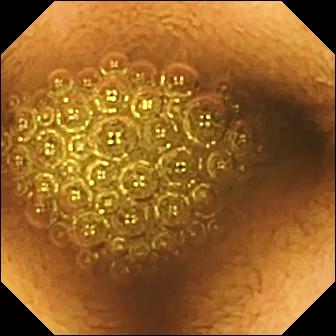PROCEDURE: Small-bowel capsule endoscopy.
FINDINGS: Reduced mucosal view (content or bubbles obscuring the mucosa).